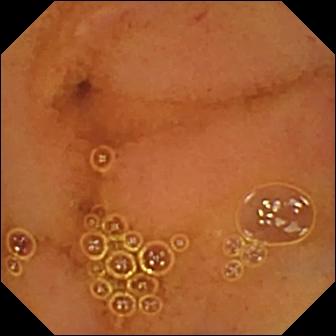VCE still of the small bowel showing normal clean mucosa.